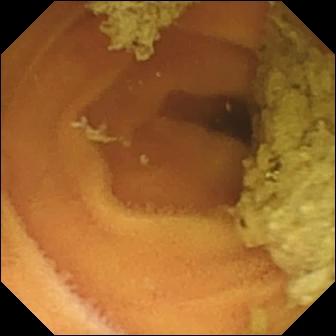PROCEDURE: WCE.
SEGMENT: Small bowel.
FINDINGS: Normal clean mucosa.